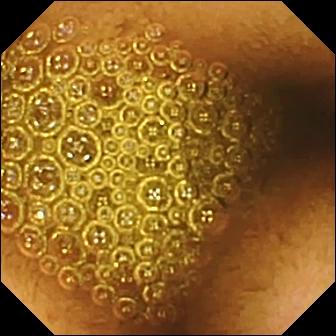This WCE image shows reduced mucosal view (content or bubbles obscuring the mucosa).